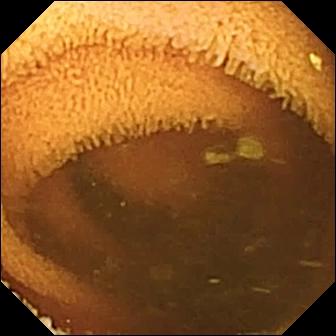Normal clean mucosa — WCE frame.